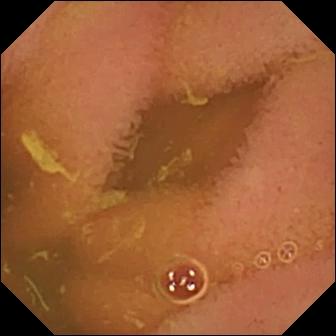WCE frame showing normal clean mucosa.